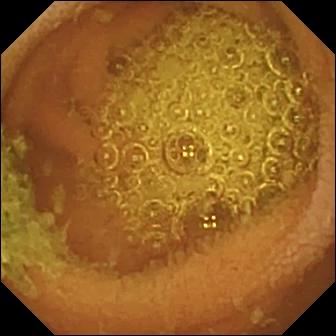PROCEDURE: Small-bowel capsule endoscopy.
SEGMENT: Small intestine.
FINDINGS: Normal clean mucosa.